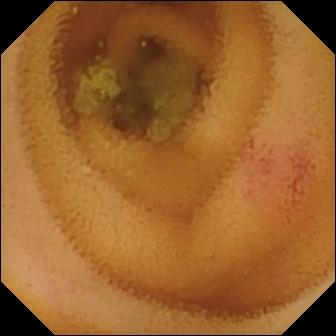Capsule endoscopy snapshot
Observation: angiectasia